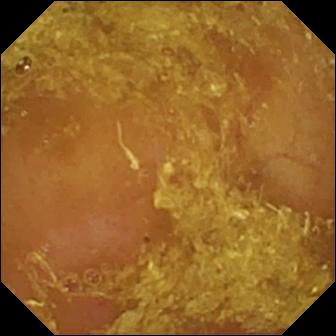Reduced mucosal view (content or bubbles obscuring the mucosa) — small-bowel capsule endoscopy view of the small intestine.